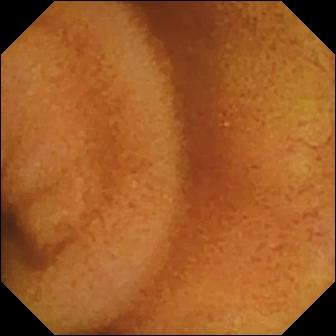This capsule endoscopy frame shows normal clean mucosa.